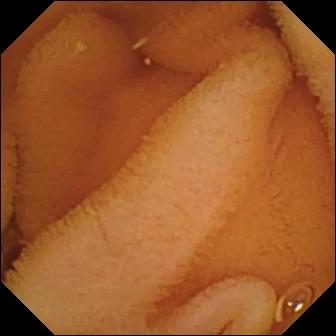Small-bowel capsule endoscopy — normal clean mucosa.